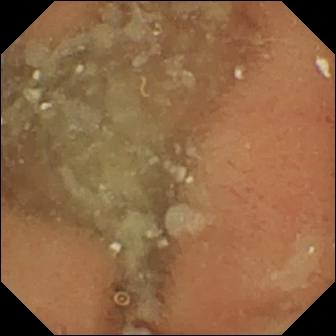Wireless capsule endoscopy. Small intestine. Luminal finding. Finding: normal clean mucosa.